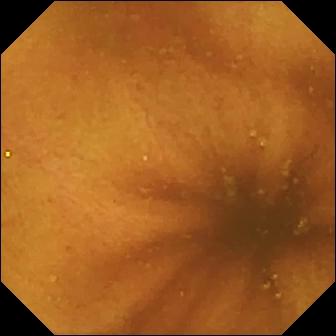modality: wireless capsule endoscopy
label: normal clean mucosa